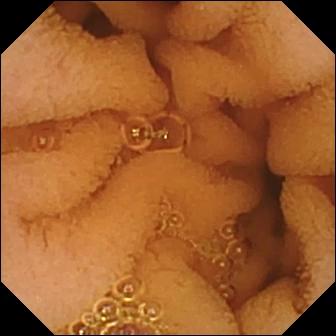Small-bowel capsule endoscopy. Small intestine. Luminal finding. Label: normal clean mucosa.